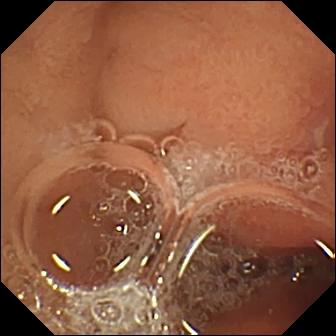Q: What does this VCE image show?
A: Erosion.